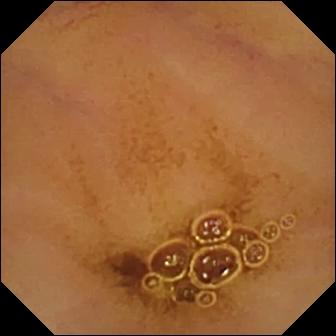Wireless capsule endoscopy — normal clean mucosa.